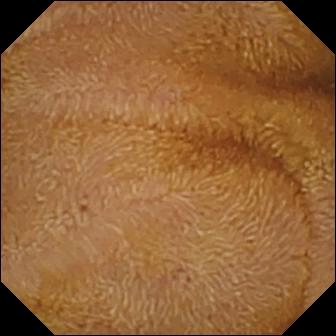{"modality": "VCE", "segment": "small bowel", "finding": "normal clean mucosa"}